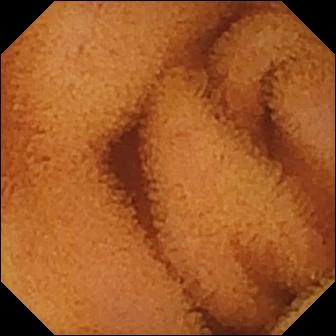Small-bowel capsule endoscopy still, small intestine
Label: normal clean mucosa